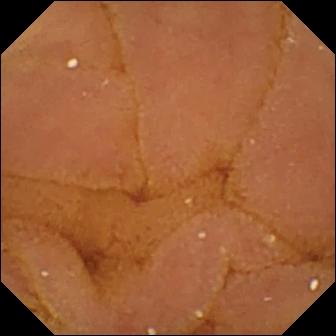{"modality": "wireless capsule endoscopy", "segment": "small bowel", "finding": "normal clean mucosa"}